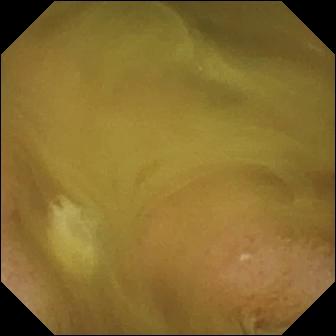modality: VCE
segment: small intestine
finding: normal clean mucosa